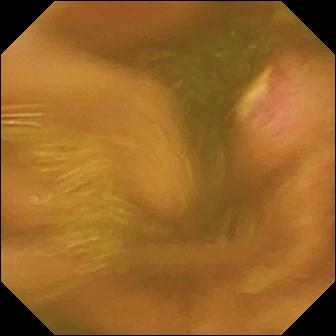This WCE snapshot shows ulcer.